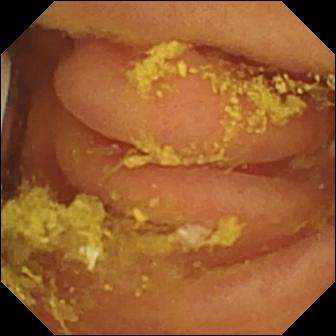Foreign body (e.g. retained capsule, tablet residue) — VCE view.